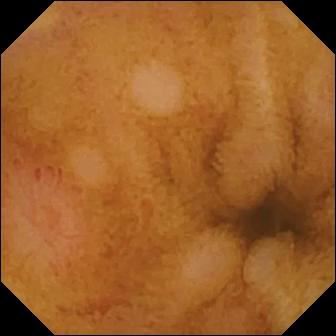modality: small-bowel capsule endoscopy; category: luminal finding; label: erosion